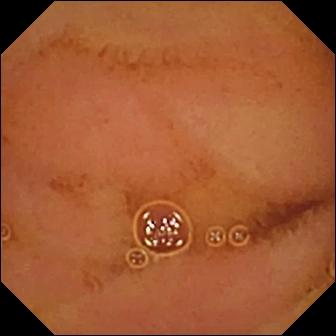Normal clean mucosa (336×336).